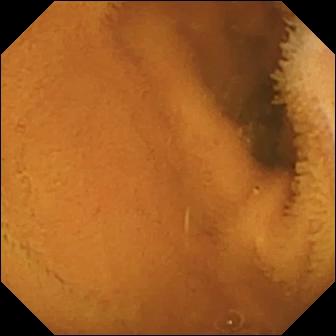Video capsule endoscopy — normal clean mucosa.